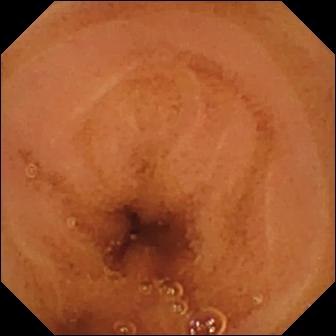PROCEDURE: VCE.
SEGMENT: Small bowel.
FINDINGS: Normal clean mucosa.